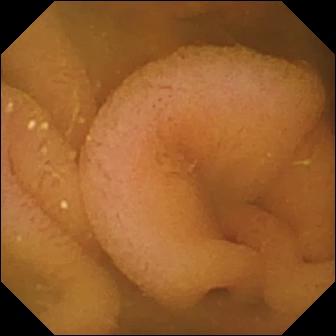{"modality": "WCE", "category": "luminal finding", "finding": "normal clean mucosa"}